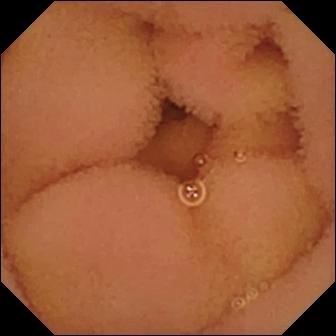- modality: WCE
- impression: normal clean mucosa